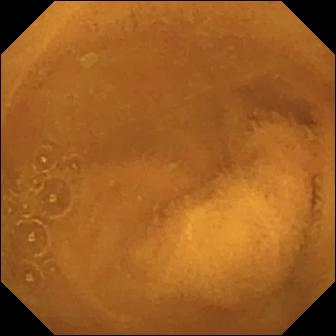Small-bowel capsule endoscopy frame. Normal clean mucosa.